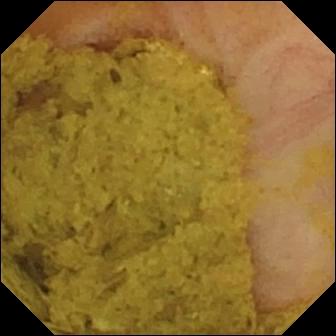Capsule endoscopy. Position: ileo-cecal valve region (the transition from the small bowel to the large bowel).